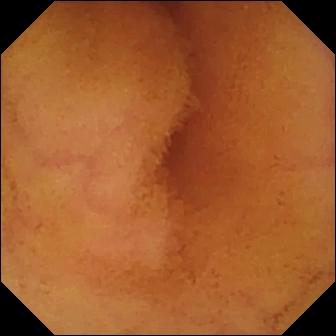Video capsule endoscopy. Small bowel. Label: normal clean mucosa.